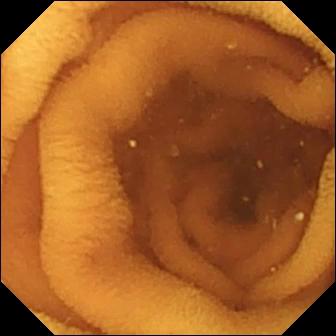{"modality": "wireless capsule endoscopy", "finding": "normal clean mucosa"}